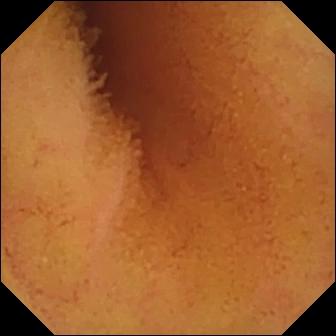modality: WCE
category: luminal finding
impression: normal clean mucosa